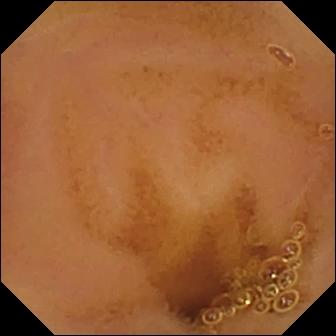Wireless capsule endoscopy image showing normal clean mucosa.